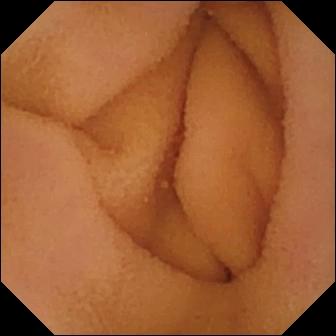Capsule endoscopy. Small intestine. Finding: normal clean mucosa.